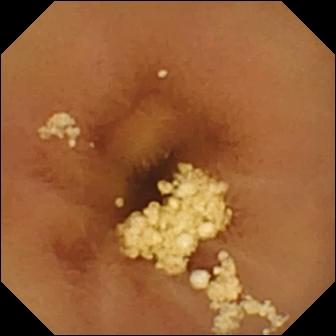Normal clean mucosa (336×336).